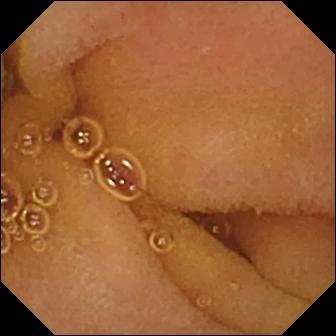Normal clean mucosa.